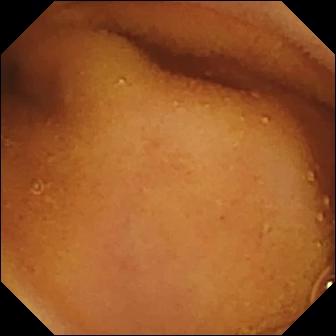VCE view showing normal clean mucosa.